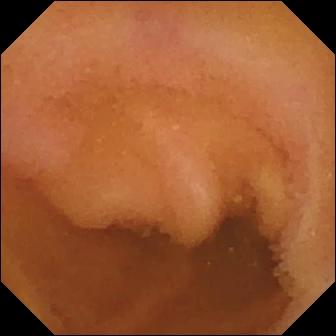VCE — normal clean mucosa.